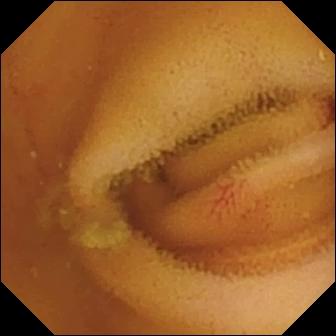Video capsule endoscopy snapshot showing angiectasia.